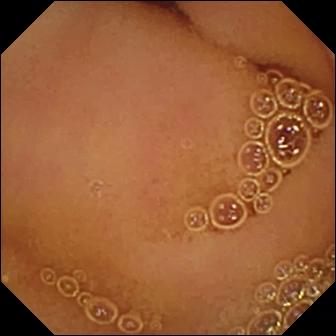Q: What does this wireless capsule endoscopy view show?
A: Normal clean mucosa.